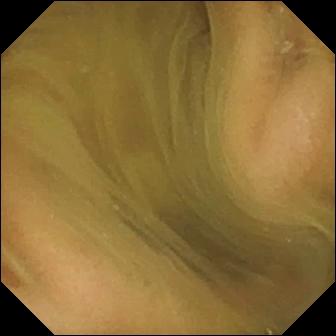modality: wireless capsule endoscopy; segment: small bowel; impression: normal clean mucosa